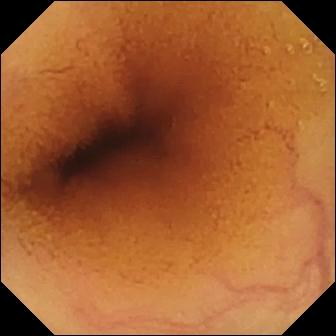{"modality": "WCE", "finding": "normal clean mucosa"}